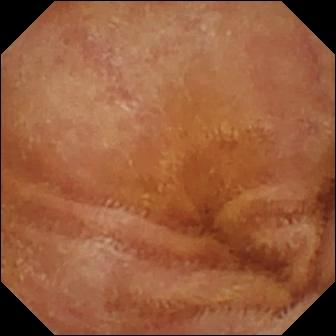Video capsule endoscopy image
Label: normal clean mucosa